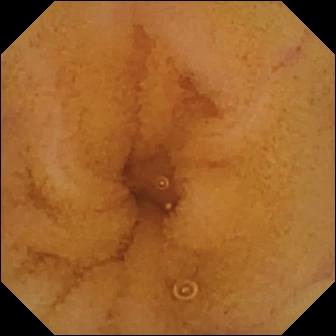{"modality": "VCE", "finding": "normal clean mucosa"}